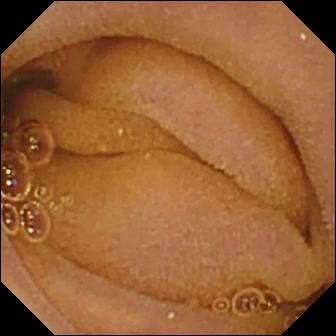- modality: capsule endoscopy
- category: luminal finding
- finding: normal clean mucosa